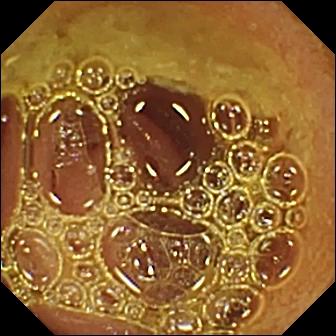This capsule endoscopy snapshot of the small bowel shows normal clean mucosa.